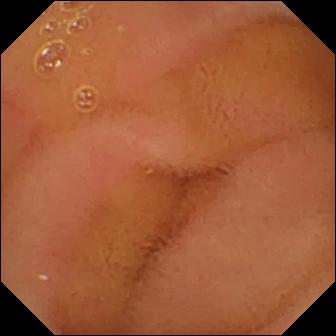Q: What does this small-bowel capsule endoscopy frame of the small bowel show?
A: Normal clean mucosa.